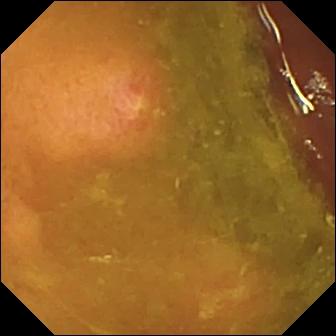This capsule endoscopy still shows erosion.